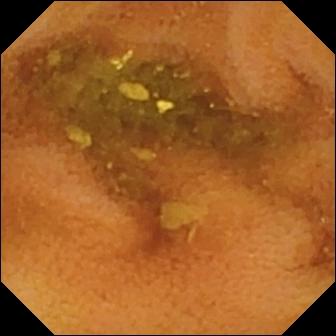PROCEDURE: Video capsule endoscopy.
FINDINGS: Normal clean mucosa.